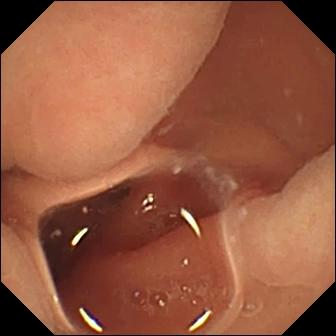Video capsule endoscopy. Finding: normal clean mucosa.